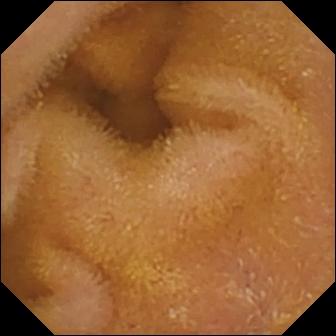WCE snapshot. Normal clean mucosa.